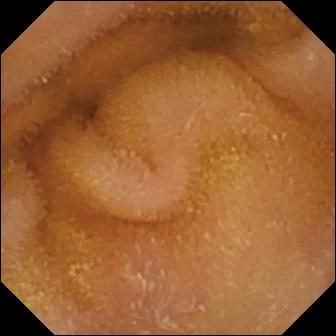PROCEDURE: VCE.
SEGMENT: Small intestine.
FINDINGS: Normal clean mucosa.